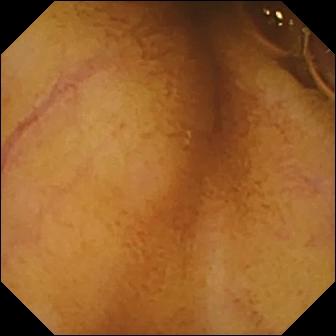Small-bowel capsule endoscopy view of the small bowel showing normal clean mucosa.